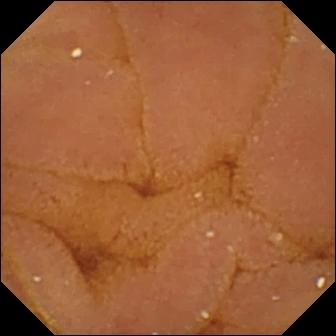- modality: capsule endoscopy
- category: luminal finding
- impression: normal clean mucosa